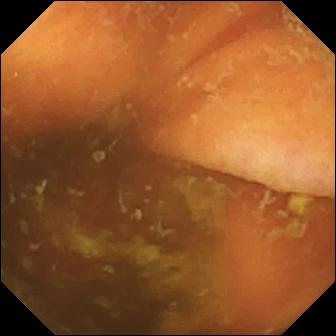This WCE still was taken in the ileo-cecal valve region (where the capsule passes from the small bowel into the large bowel).